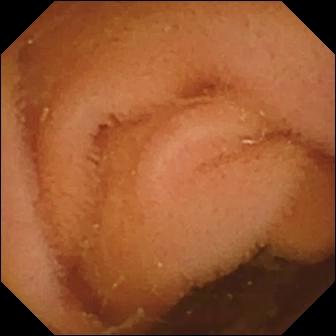Normal clean mucosa — WCE view.